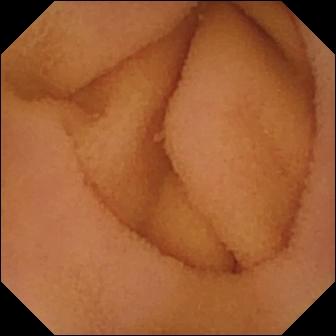PROCEDURE: Video capsule endoscopy.
SEGMENT: Small bowel.
FINDINGS: Normal clean mucosa.